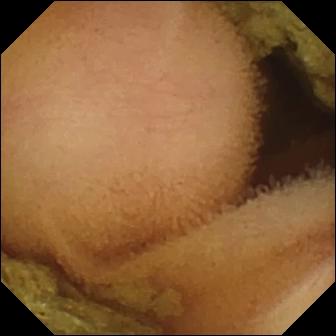Capsule endoscopy snapshot
Label: normal clean mucosa